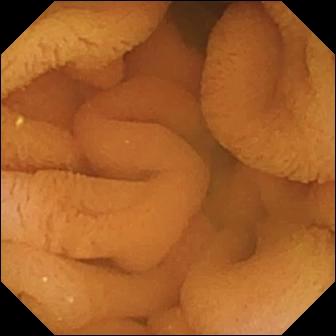modality: video capsule endoscopy | segment: small intestine | category: luminal finding | observation: normal clean mucosa